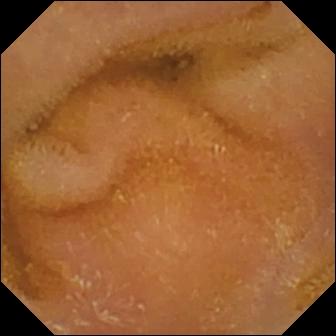This wireless capsule endoscopy snapshot of the small intestine shows normal clean mucosa.